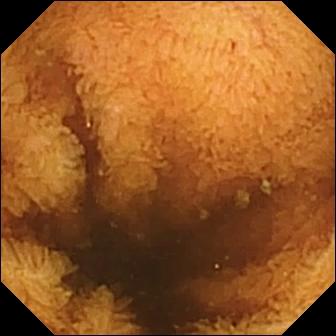Video capsule endoscopy. Luminal finding. Observation: normal clean mucosa.